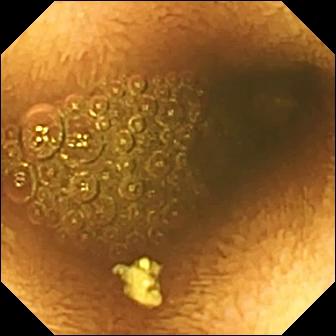Video capsule endoscopy. Luminal finding. Impression: reduced mucosal view (content or bubbles obscuring the mucosa).